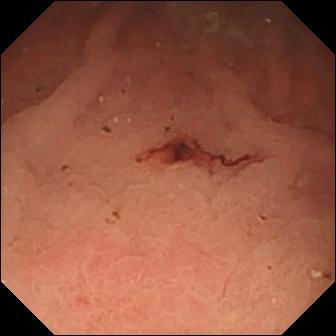Video capsule endoscopy. Label: fresh blood in the lumen.